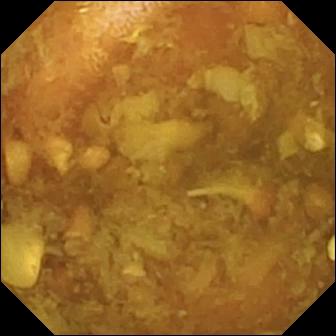Reduced mucosal view (content or bubbles obscuring the mucosa) (336×336).